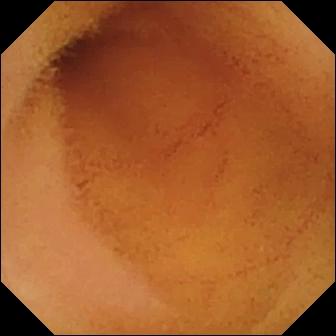PROCEDURE: Capsule endoscopy.
FINDINGS: Normal clean mucosa.